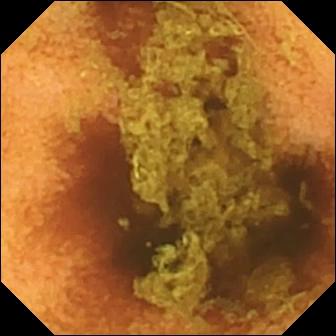VCE still
Finding: normal clean mucosa